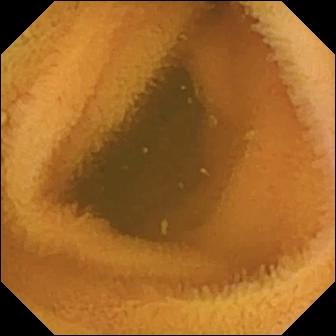- modality: WCE
- segment: small intestine
- finding: normal clean mucosa